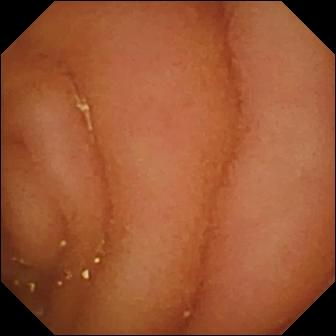This WCE view shows normal clean mucosa.